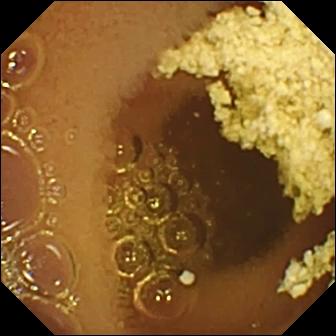modality: VCE; segment: small bowel; impression: normal clean mucosa